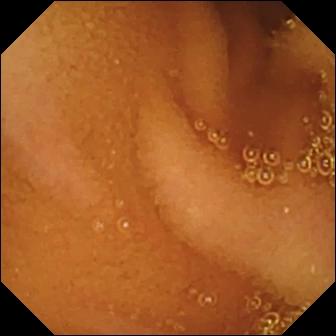Capsule endoscopy image (small intestine), 336×336. Normal clean mucosa.